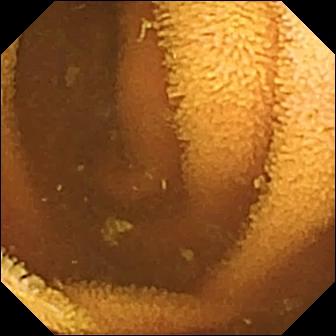Small-bowel capsule endoscopy image. Normal clean mucosa.